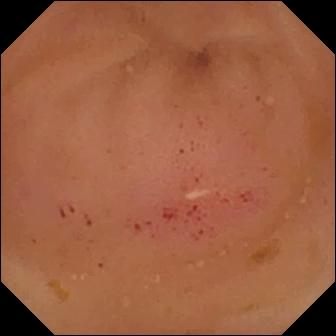Erythema (mucosal redness) — capsule endoscopy image.